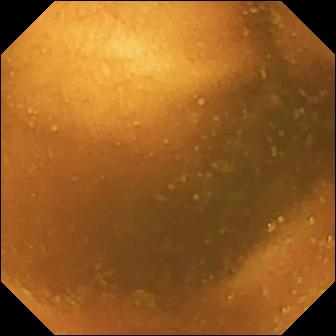Q: What does this capsule endoscopy view show?
A: Normal clean mucosa.